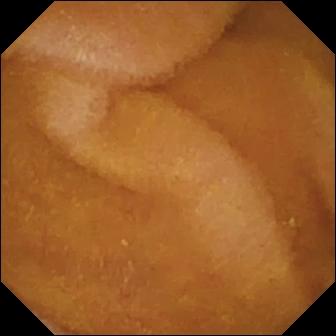- modality: VCE
- label: normal clean mucosa